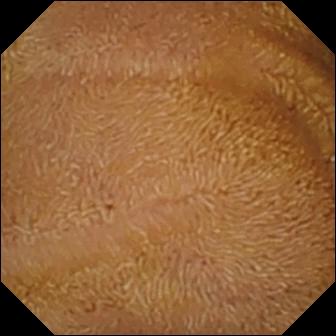Normal clean mucosa.